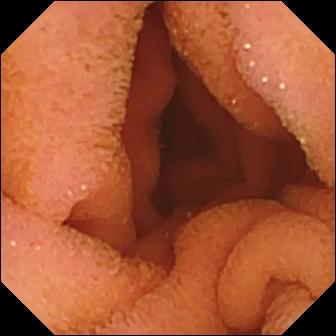{"modality": "capsule endoscopy", "segment": "small intestine", "finding": "normal clean mucosa"}